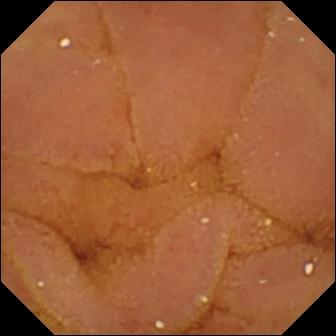PROCEDURE: WCE.
FINDINGS: Normal clean mucosa.